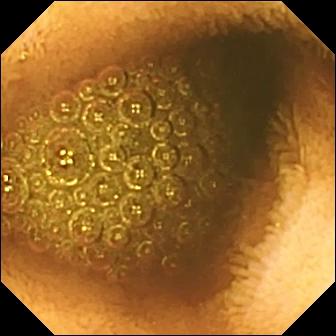modality: small-bowel capsule endoscopy | label: reduced mucosal view (content or bubbles obscuring the mucosa)